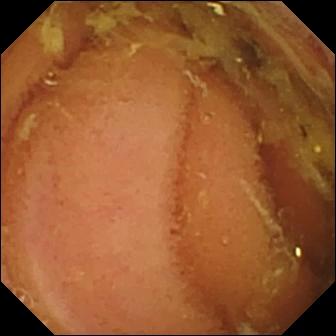Video capsule endoscopy view showing normal clean mucosa.